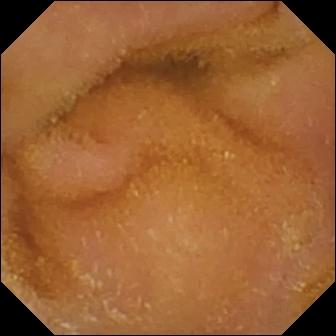- modality: WCE
- segment: small bowel
- impression: normal clean mucosa